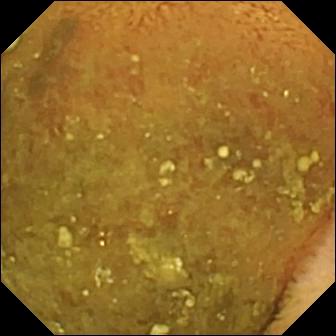Small-bowel capsule endoscopy image of the small intestine showing reduced mucosal view (content or bubbles obscuring the mucosa).